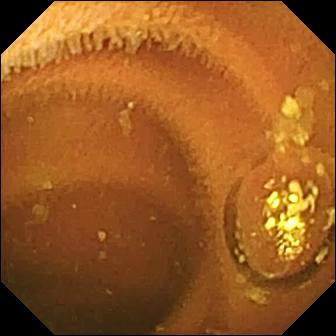Q: What does this capsule endoscopy snapshot of the small bowel show?
A: Normal clean mucosa.